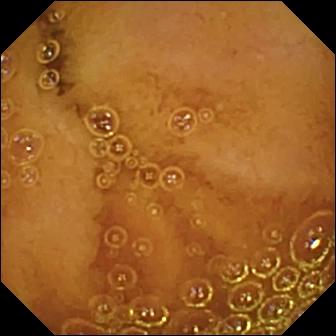This wireless capsule endoscopy snapshot of the small intestine shows normal clean mucosa.